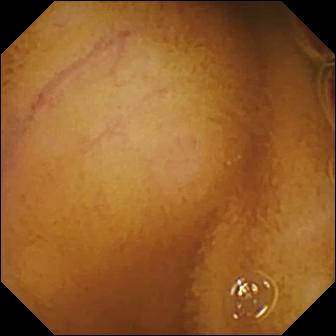WCE — normal clean mucosa.